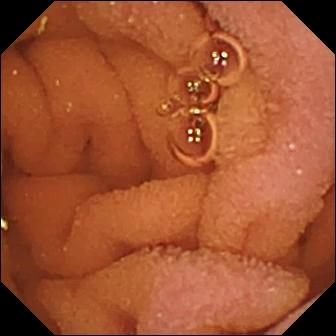{"modality": "small-bowel capsule endoscopy", "finding": "normal clean mucosa"}